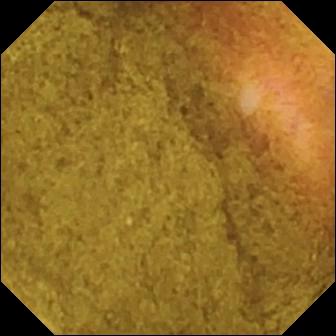This VCE snapshot was taken in the ileo-cecal valve region (where the capsule passes from the small bowel into the large bowel).